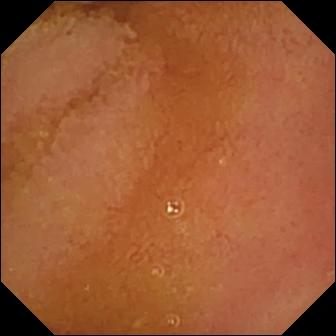Wireless capsule endoscopy image, 336×336. Normal clean mucosa.